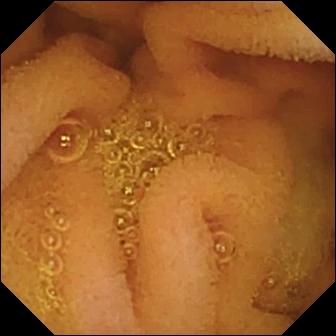Normal clean mucosa (336×336).